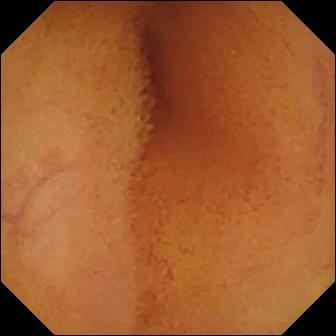VCE — normal clean mucosa.